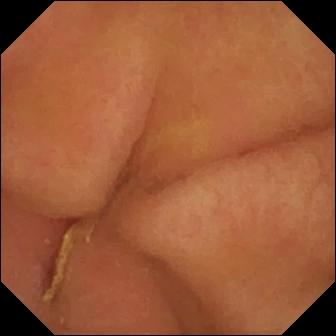Capsule endoscopy — pylorus region (where the capsule passes from the stomach into the small bowel).